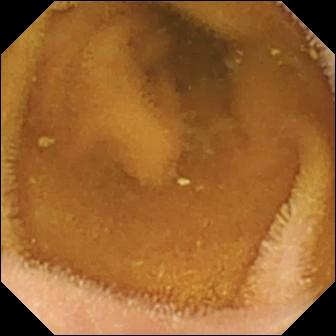Normal clean mucosa — small-bowel capsule endoscopy view.